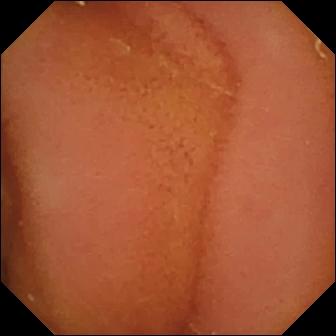Normal clean mucosa — capsule endoscopy image of the small intestine.